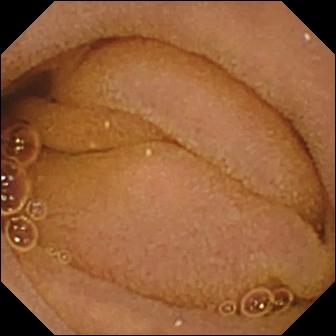Capsule endoscopy still showing normal clean mucosa.